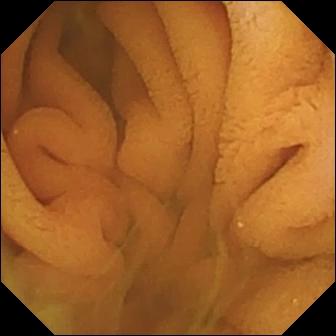Normal clean mucosa — video capsule endoscopy snapshot of the small intestine.